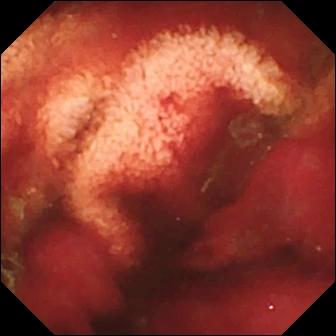{"modality": "wireless capsule endoscopy", "finding": "fresh blood in the lumen"}